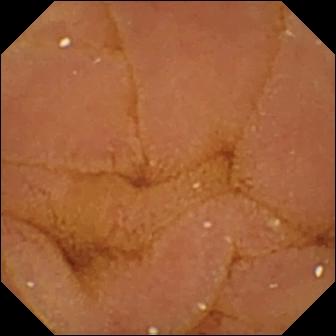Small-bowel capsule endoscopy. Small bowel. Luminal finding. Impression: normal clean mucosa.